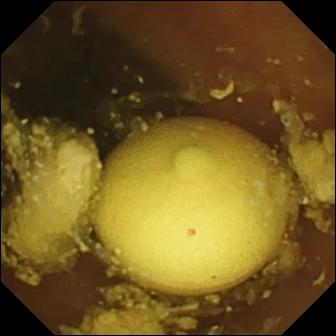Small-bowel capsule endoscopy still showing foreign body (e.g. retained capsule, tablet residue).